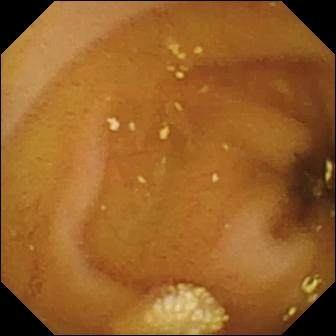WCE image showing lymphangiectasia.